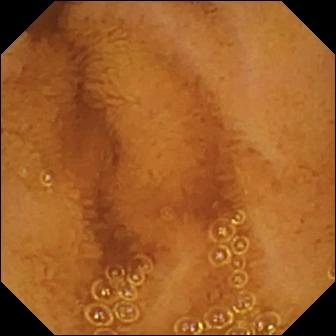Q: What does this small-bowel capsule endoscopy snapshot of the small intestine show?
A: Normal clean mucosa.